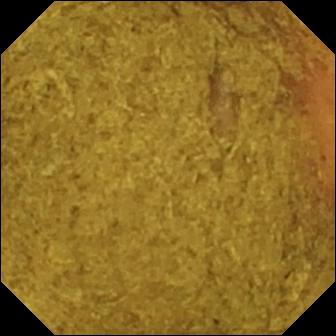Wireless capsule endoscopy. Video segment: ileo-cecal valve region.